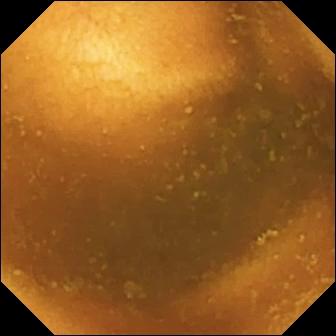VCE — normal clean mucosa.